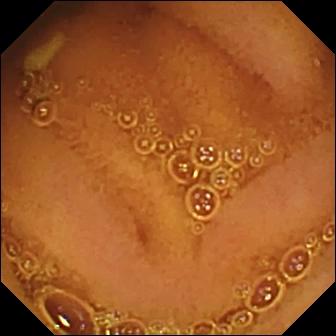Small-bowel capsule endoscopy frame of the small intestine showing normal clean mucosa.